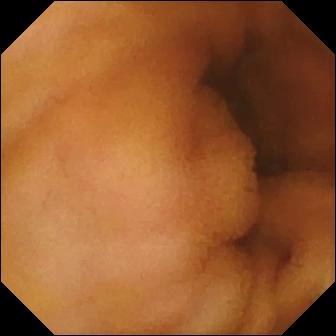- modality: wireless capsule endoscopy
- segment: small intestine
- category: luminal finding
- observation: normal clean mucosa